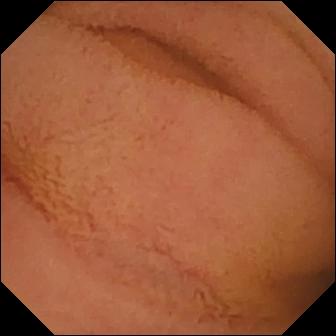Q: What does this WCE image of the small bowel show?
A: Normal clean mucosa.